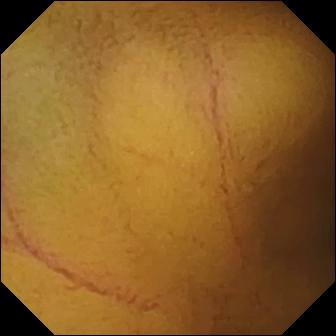Small-bowel capsule endoscopy view. Normal clean mucosa.